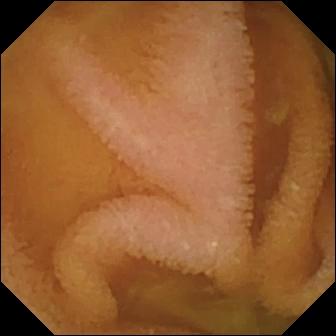modality: VCE | observation: normal clean mucosa